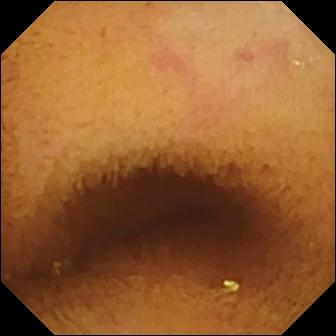WCE still, 336×336. Normal clean mucosa.